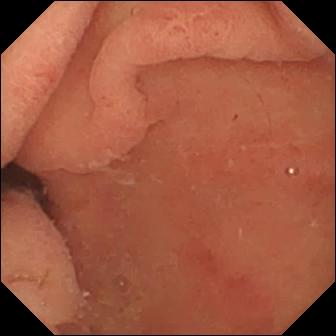PROCEDURE: Capsule endoscopy.
LOCATION: Pylorus region (the junction between the stomach and the small bowel).